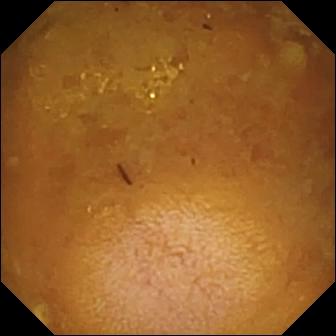VCE — reduced mucosal view (content or bubbles obscuring the mucosa).